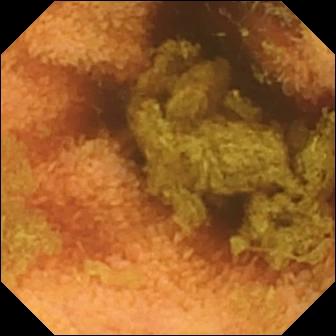modality: wireless capsule endoscopy; segment: small intestine; label: normal clean mucosa